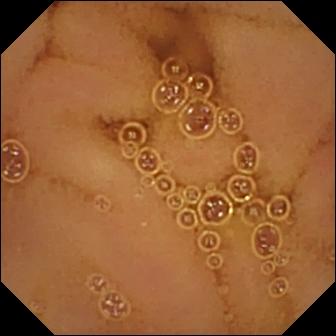Normal clean mucosa — video capsule endoscopy still.